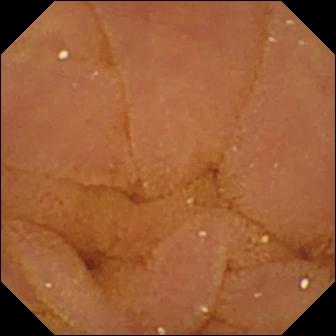PROCEDURE: Small-bowel capsule endoscopy.
SEGMENT: Small intestine.
FINDINGS: Normal clean mucosa.